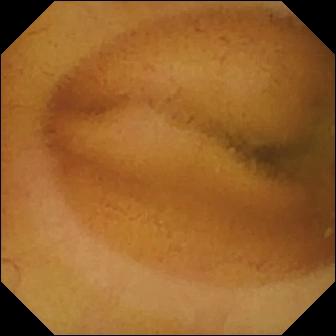Wireless capsule endoscopy — normal clean mucosa.